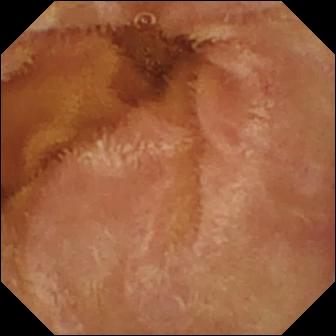Normal clean mucosa.